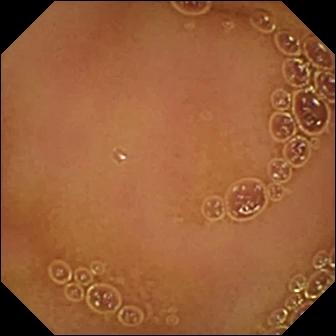modality: capsule endoscopy; segment: small intestine; label: normal clean mucosa